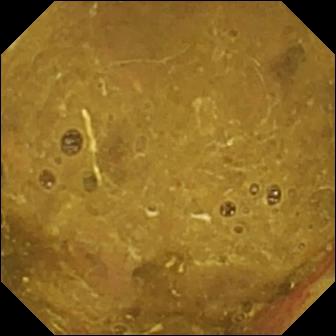VCE still
Video segment: ileo-cecal valve region (the transition from the small bowel to the large bowel)